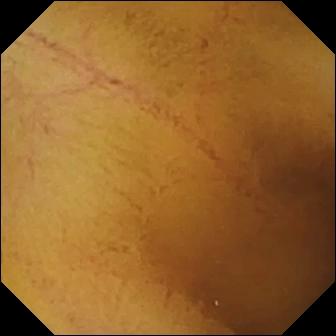This video capsule endoscopy still of the small intestine shows normal clean mucosa.